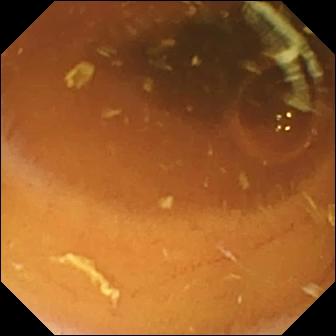Normal clean mucosa.